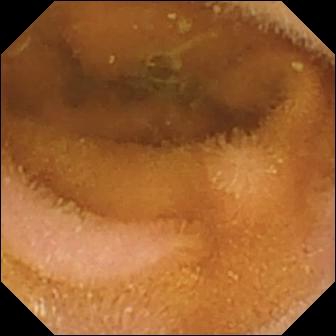Small-bowel capsule endoscopy image of the small bowel showing normal clean mucosa.